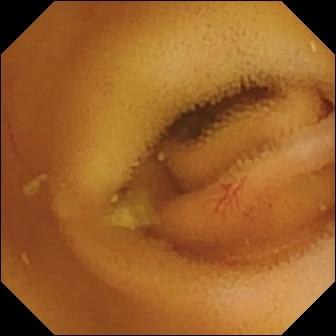{"modality": "small-bowel capsule endoscopy", "category": "luminal finding", "finding": "angiectasia"}